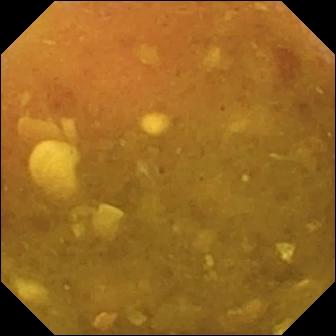WCE — reduced mucosal view (content or bubbles obscuring the mucosa).